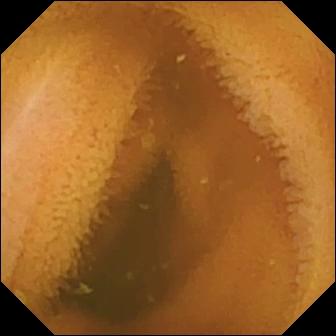Capsule endoscopy image of the small bowel showing normal clean mucosa.